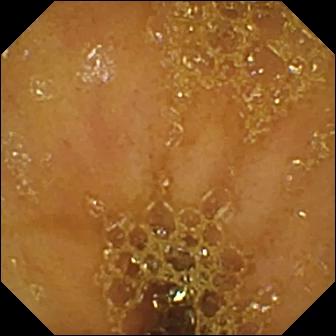Video capsule endoscopy still taken in the ileo-cecal valve region (the transition from the small bowel to the large bowel).